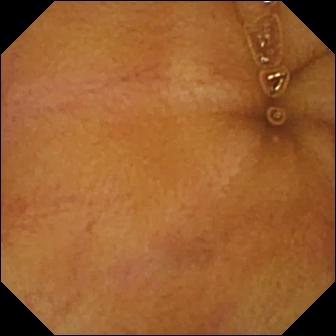This capsule endoscopy view of the small intestine shows normal clean mucosa.